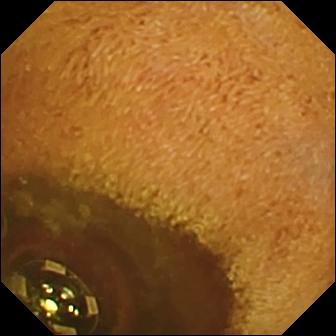- modality: capsule endoscopy
- finding: foreign body (e.g. retained capsule, tablet residue)